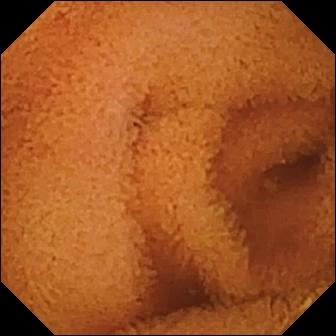Q: What does this small-bowel capsule endoscopy view of the small intestine show?
A: Normal clean mucosa.